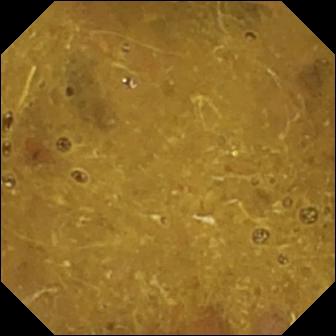Ileo-cecal valve region.